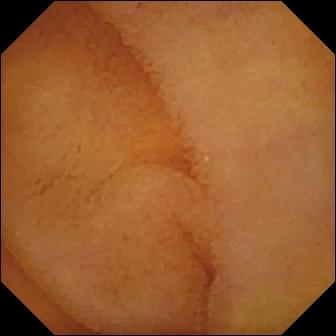Normal clean mucosa — VCE still.